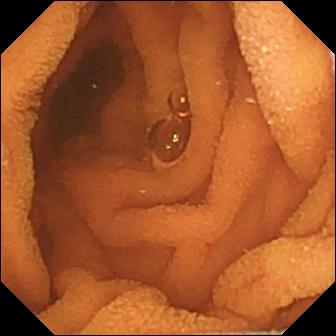WCE image showing normal clean mucosa.